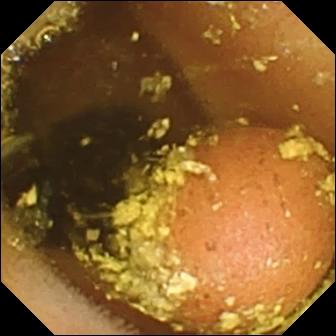Video capsule endoscopy view showing foreign body (e.g. retained capsule, tablet residue).